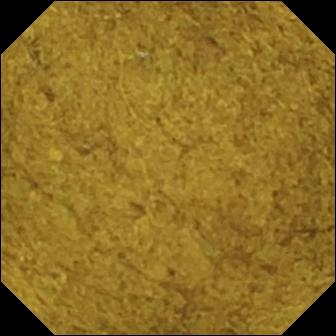Capsule endoscopy. Near an anatomical landmark. Location: ileo-cecal valve region (where the capsule passes from the small bowel into the large bowel).